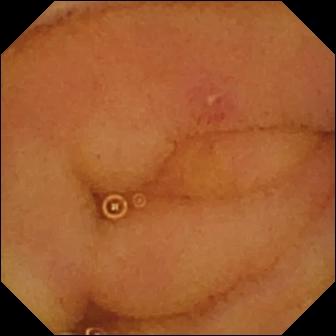Erosion — capsule endoscopy image.